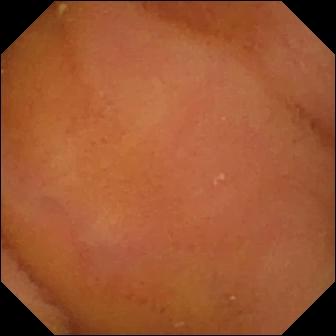Normal clean mucosa — capsule endoscopy snapshot of the small intestine.